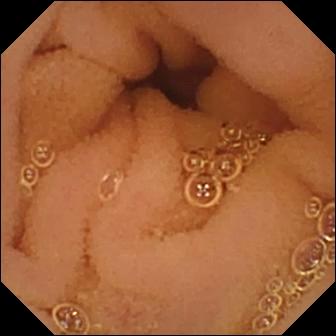Normal clean mucosa — VCE image of the small intestine.